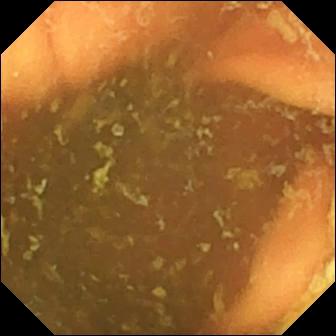Ileo-cecal valve region (where the capsule passes from the small bowel into the large bowel) — VCE image.